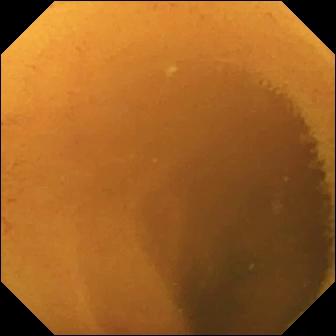- modality: WCE
- category: luminal finding
- finding: normal clean mucosa